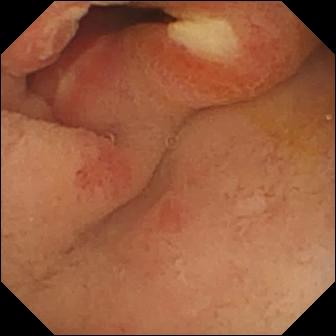WCE — ulcer.